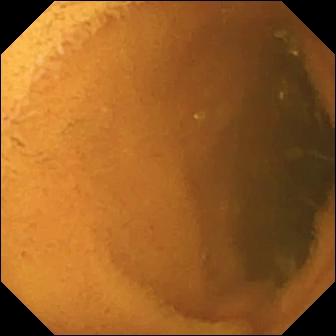Video capsule endoscopy still (small intestine). Normal clean mucosa.